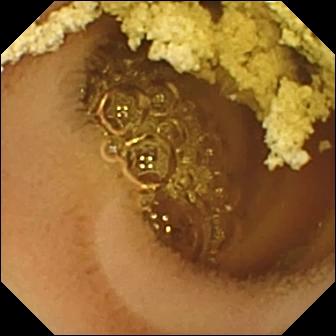Capsule endoscopy frame of the small bowel showing normal clean mucosa.